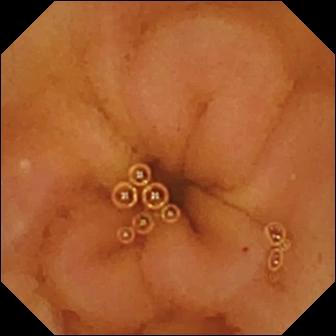WCE. Luminal finding. Impression: normal clean mucosa.